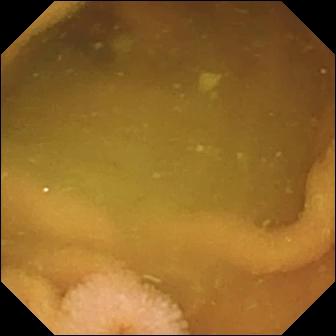Small-bowel capsule endoscopy view, 336×336. Normal clean mucosa.